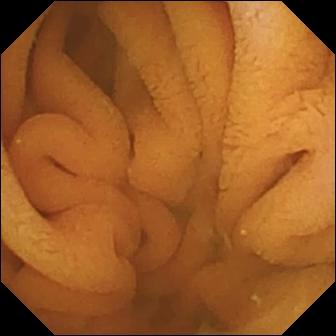Wireless capsule endoscopy view, 336×336. Normal clean mucosa.